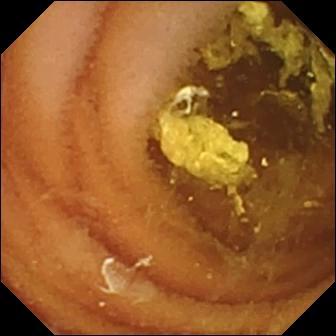Normal clean mucosa.